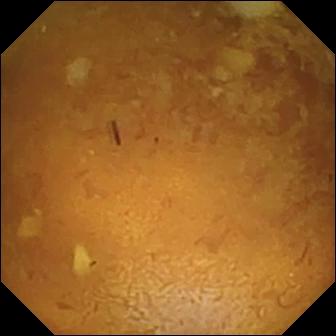Capsule endoscopy — reduced mucosal view (content or bubbles obscuring the mucosa).